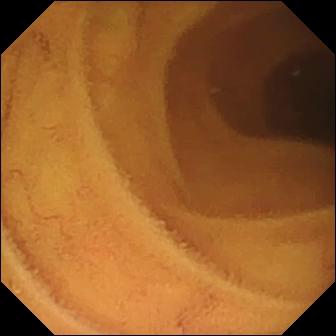Wireless capsule endoscopy. Small intestine. Label: normal clean mucosa.